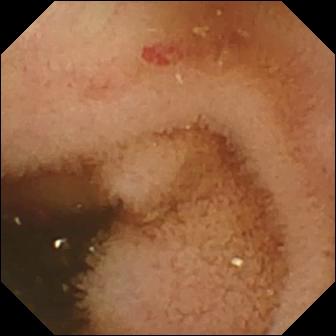Small-bowel capsule endoscopy. Observation: angiectasia.